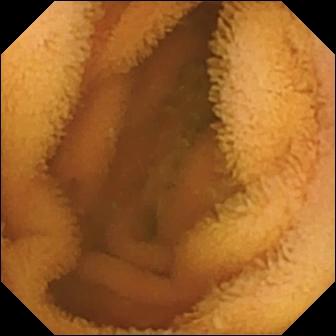{"modality": "small-bowel capsule endoscopy", "segment": "small intestine", "finding": "normal clean mucosa"}